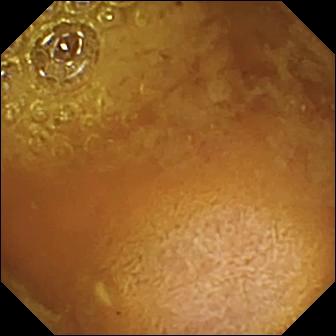PROCEDURE: VCE.
FINDINGS: Reduced mucosal view (content or bubbles obscuring the mucosa).